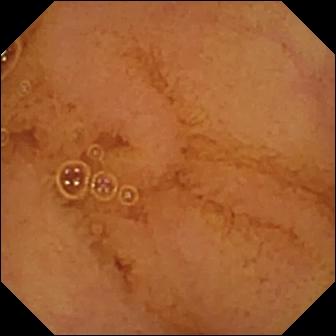{"modality": "WCE", "finding": "normal clean mucosa"}